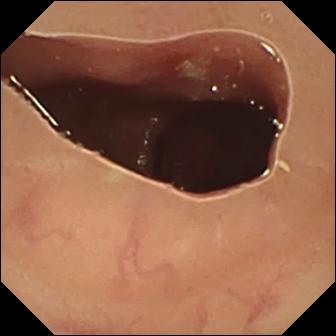modality: small-bowel capsule endoscopy
observation: ulcer